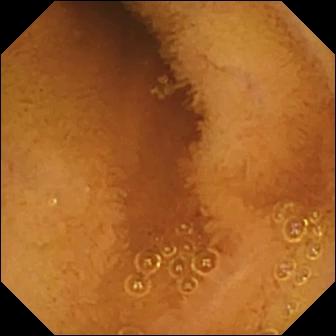WCE frame. Normal clean mucosa.